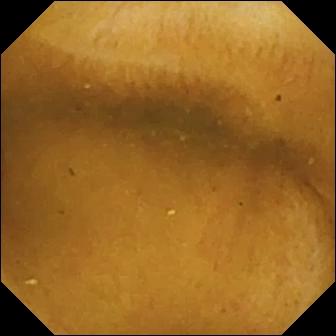- modality: small-bowel capsule endoscopy
- segment: small intestine
- finding: normal clean mucosa